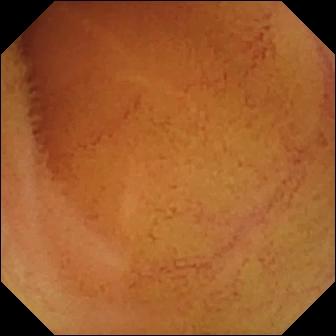Small-bowel capsule endoscopy view. Normal clean mucosa.